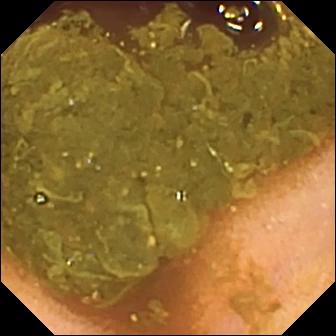Capsule endoscopy view
Position: ileo-cecal valve region (where the capsule passes from the small bowel into the large bowel)